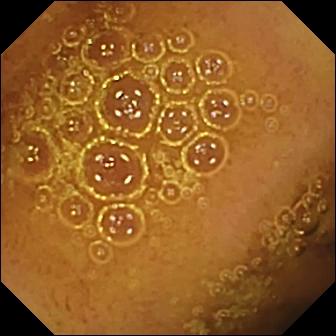- modality: WCE
- label: normal clean mucosa